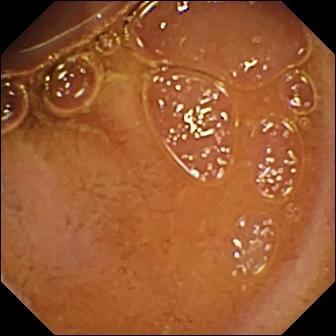- modality: capsule endoscopy
- segment: small bowel
- impression: normal clean mucosa